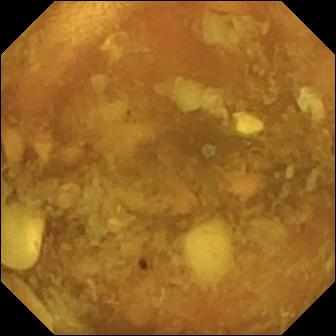- modality: wireless capsule endoscopy
- segment: small intestine
- category: luminal finding
- impression: reduced mucosal view (content or bubbles obscuring the mucosa)